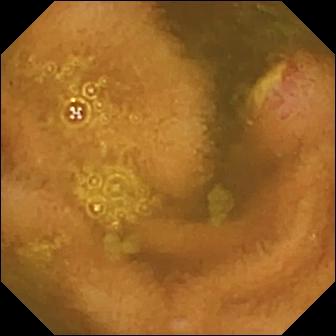This VCE view shows ulcer.